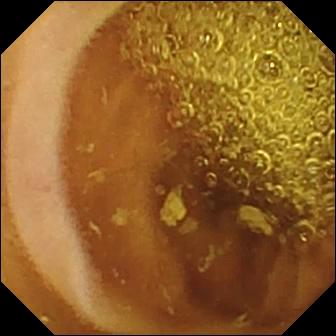Wireless capsule endoscopy — normal clean mucosa.